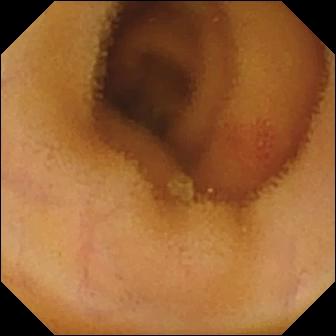modality: wireless capsule endoscopy
observation: angiectasia